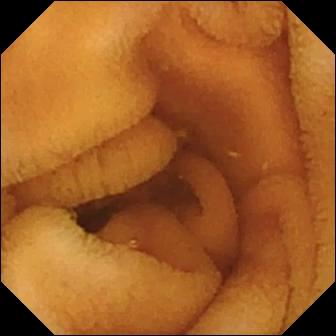- modality: VCE
- segment: small bowel
- observation: normal clean mucosa